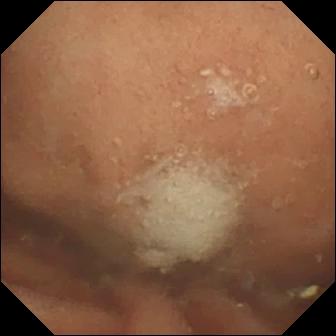WCE still
Impression: normal clean mucosa